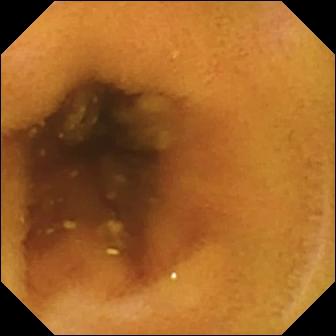modality: wireless capsule endoscopy | segment: small intestine | finding: normal clean mucosa